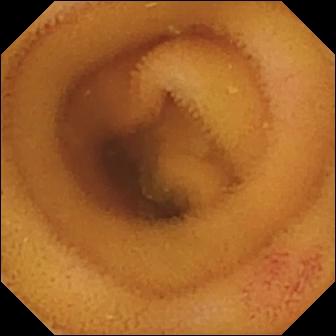Angiectasia — VCE snapshot.